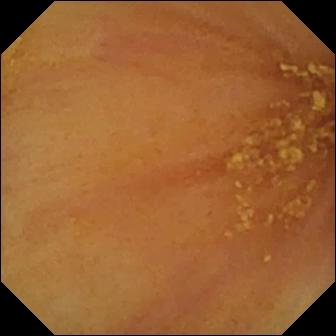Ileo-cecal valve region (the transition from the small bowel to the large bowel).